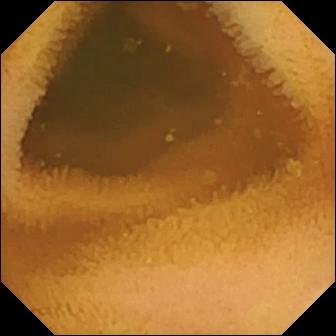Normal clean mucosa.